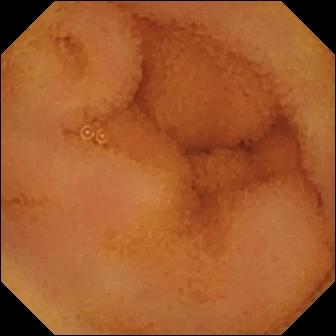VCE still
Observation: normal clean mucosa